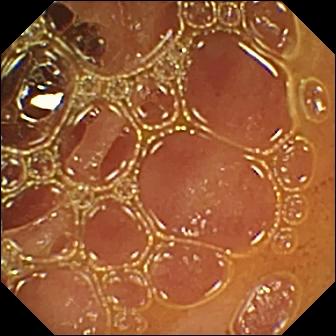Q: What does this wireless capsule endoscopy still of the small intestine show?
A: Normal clean mucosa.